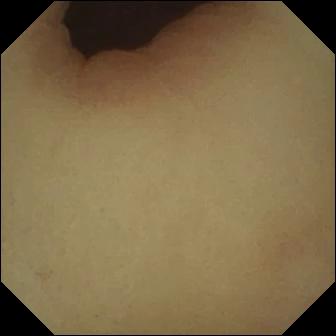modality: small-bowel capsule endoscopy
location: pylorus region (the junction between the stomach and the small bowel)